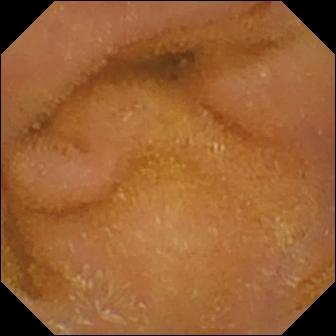PROCEDURE: WCE.
SEGMENT: Small intestine.
FINDINGS: Normal clean mucosa.